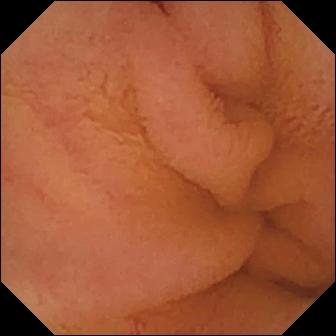WCE still. Normal clean mucosa.